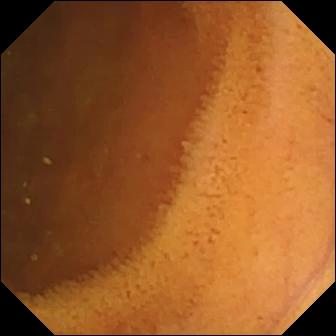Normal clean mucosa.